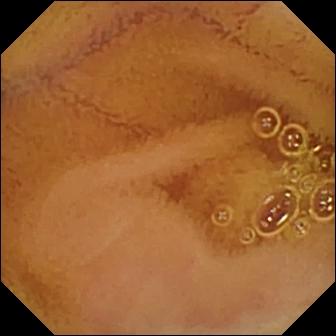{"modality": "VCE", "finding": "normal clean mucosa"}